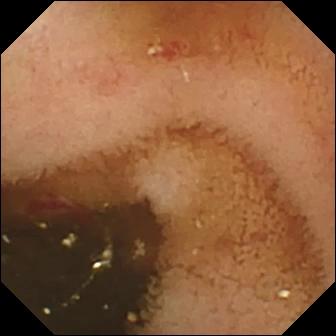Small-bowel capsule endoscopy. Label: angiectasia.